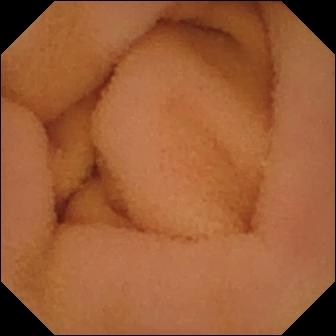Wireless capsule endoscopy — normal clean mucosa.